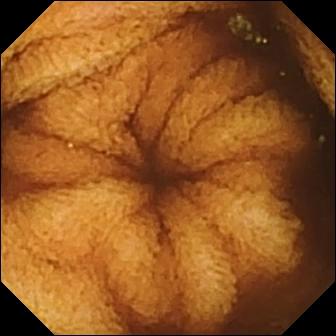modality: capsule endoscopy
segment: small bowel
impression: normal clean mucosa